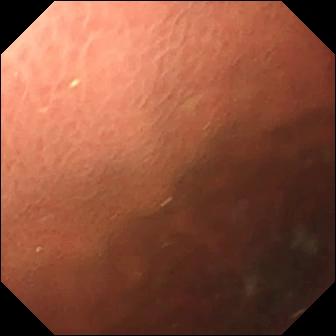This WCE view was taken in the pylorus region (the junction between the stomach and the small bowel).